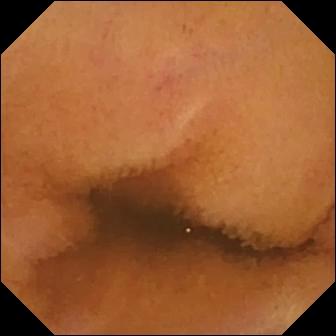PROCEDURE: Small-bowel capsule endoscopy.
SEGMENT: Small intestine.
FINDINGS: Normal clean mucosa.